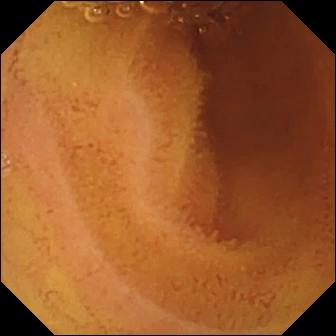- modality: small-bowel capsule endoscopy
- category: luminal finding
- impression: normal clean mucosa